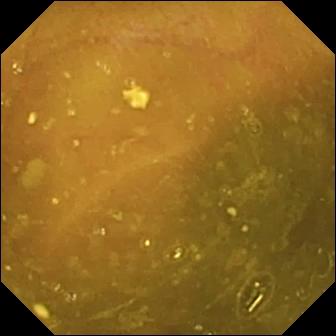WCE — ileo-cecal valve region.